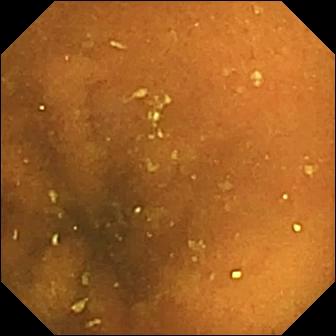PROCEDURE: Video capsule endoscopy.
FINDINGS: Normal clean mucosa.